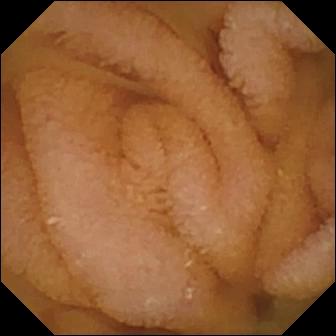Normal clean mucosa.